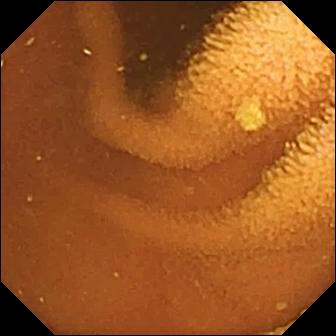modality: WCE | category: luminal finding | finding: normal clean mucosa